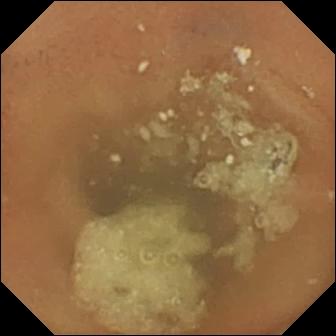VCE. Small intestine. Luminal finding. Finding: normal clean mucosa.